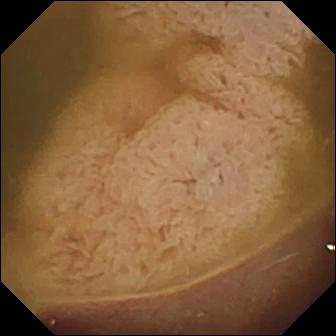modality: video capsule endoscopy
position: ileo-cecal valve region